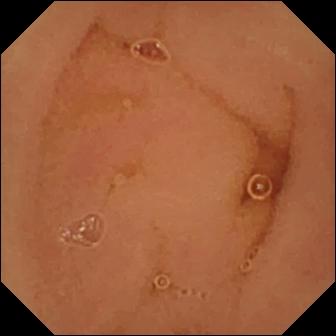Normal clean mucosa — small-bowel capsule endoscopy image.